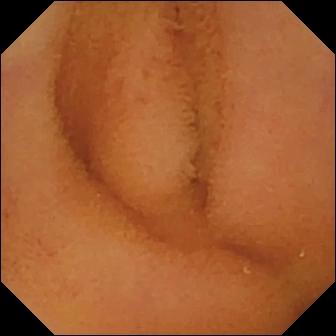Wireless capsule endoscopy frame, small bowel
Finding: normal clean mucosa